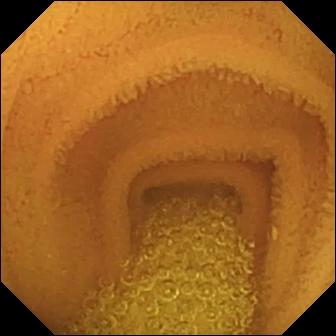Normal clean mucosa.